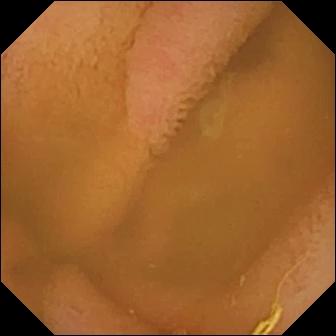Video capsule endoscopy — normal clean mucosa.